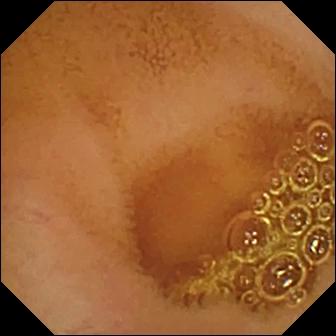VCE. Small intestine. Luminal finding. Impression: normal clean mucosa.